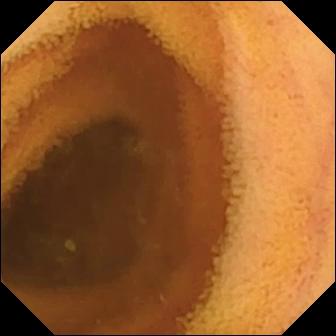This VCE snapshot of the small bowel shows normal clean mucosa.